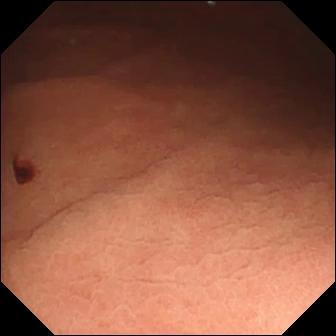Angiectasia.